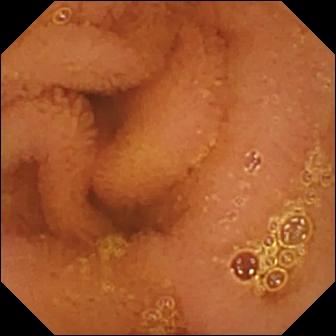Normal clean mucosa — WCE view.